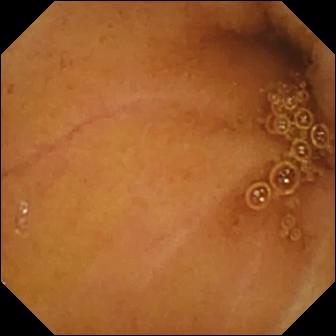Normal clean mucosa — video capsule endoscopy view of the small intestine.